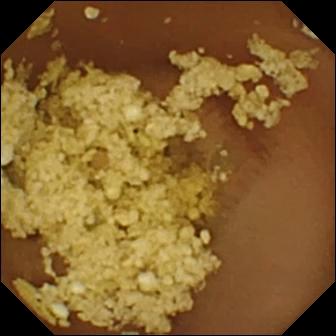Capsule endoscopy frame showing normal clean mucosa.